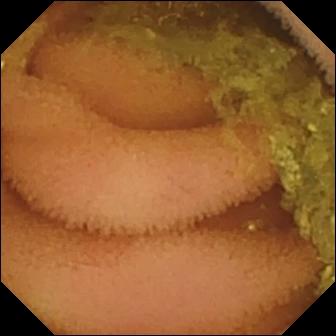Normal clean mucosa (336×336).